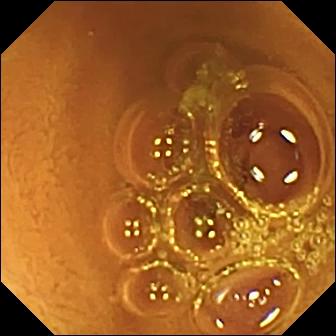Capsule endoscopy view
Impression: normal clean mucosa